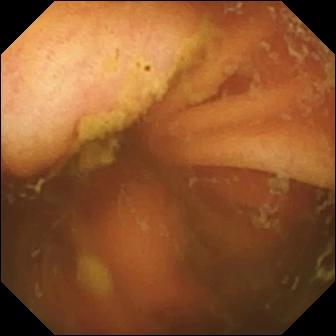Small-bowel capsule endoscopy snapshot taken in the ileo-cecal valve region (the transition from the small bowel to the large bowel).